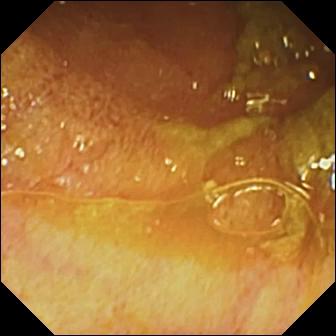WCE — ileo-cecal valve region (the transition from the small bowel to the large bowel).